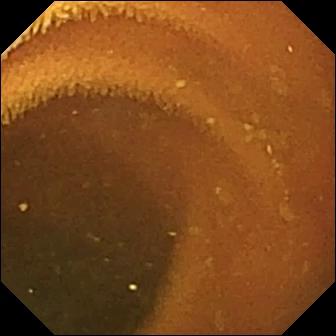Capsule endoscopy. Small intestine. Finding: normal clean mucosa.